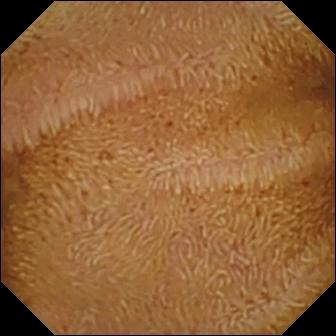Q: What does this VCE still show?
A: Normal clean mucosa.